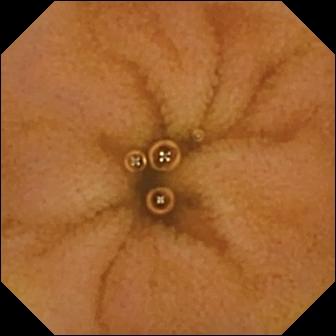Small-bowel capsule endoscopy image (small intestine), 336×336. Normal clean mucosa.